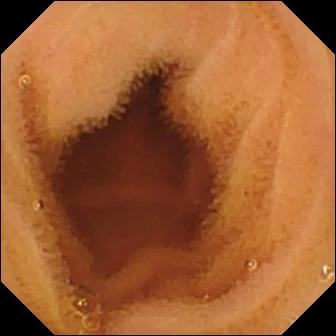Q: What does this capsule endoscopy view show?
A: Normal clean mucosa.